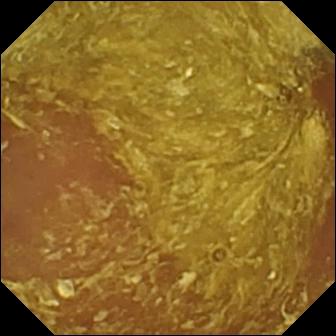modality: video capsule endoscopy
finding: reduced mucosal view (content or bubbles obscuring the mucosa)